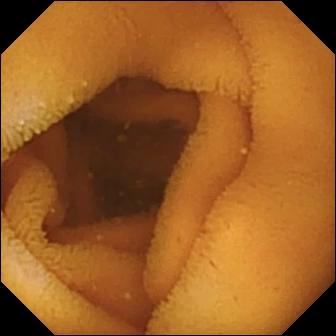Normal clean mucosa — wireless capsule endoscopy snapshot.